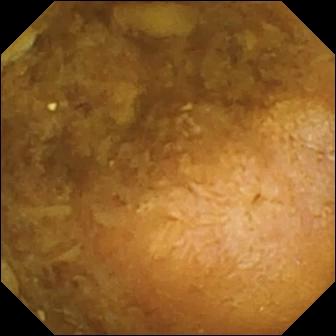Q: What does this small-bowel capsule endoscopy still show?
A: Reduced mucosal view (content or bubbles obscuring the mucosa).